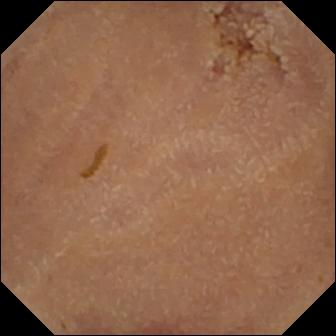WCE view, small bowel
Observation: normal clean mucosa